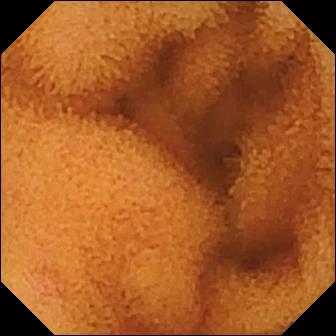This VCE snapshot of the small intestine shows normal clean mucosa.